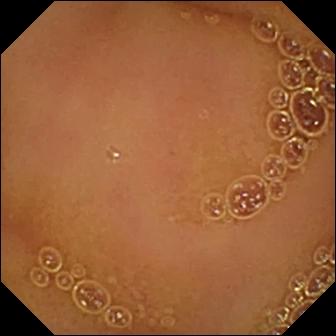Capsule endoscopy still
Impression: normal clean mucosa